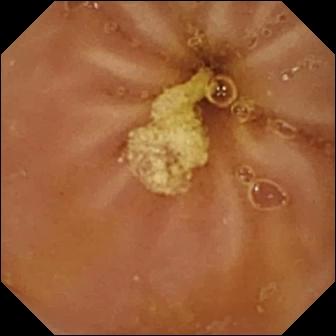Small-bowel capsule endoscopy view of the small intestine showing normal clean mucosa.